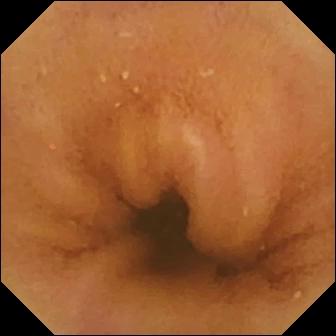Capsule endoscopy — normal clean mucosa.